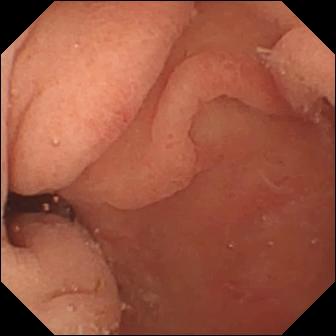WCE — pylorus region (where the capsule passes from the stomach into the small bowel).